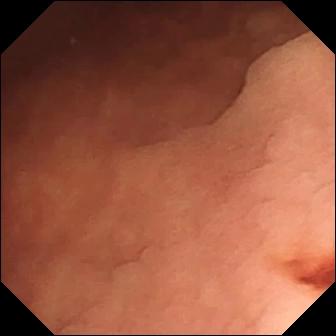{"modality": "VCE", "finding": "angiectasia"}